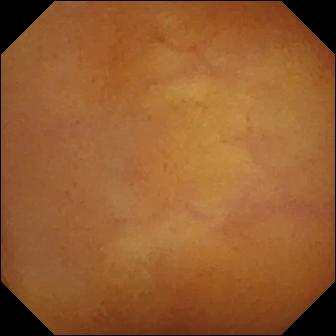modality: wireless capsule endoscopy | category: luminal finding | impression: normal clean mucosa